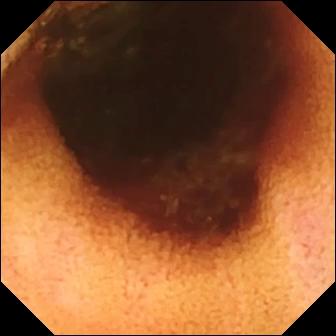- modality: small-bowel capsule endoscopy
- video segment: ileo-cecal valve region (where the capsule passes from the small bowel into the large bowel)